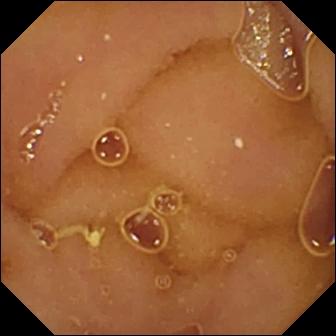Normal clean mucosa.